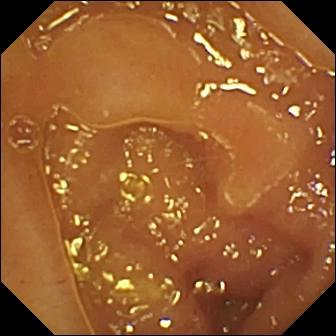Wireless capsule endoscopy view taken in the ileo-cecal valve region (where the capsule passes from the small bowel into the large bowel).